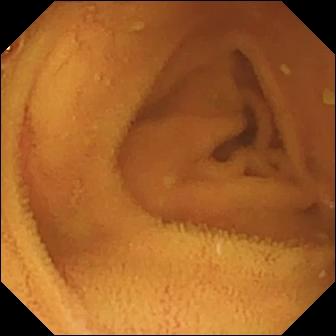Wireless capsule endoscopy snapshot
Impression: normal clean mucosa